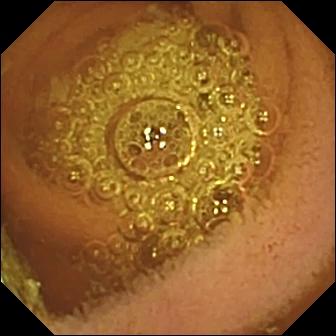Video capsule endoscopy. Finding: normal clean mucosa.